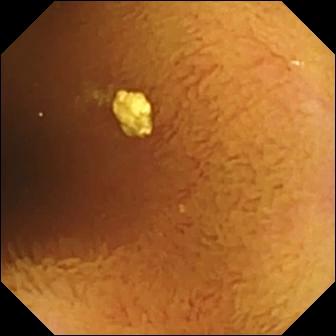modality: wireless capsule endoscopy | impression: normal clean mucosa